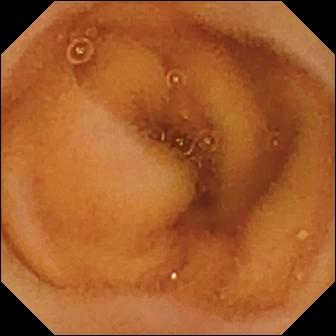modality: small-bowel capsule endoscopy | label: normal clean mucosa